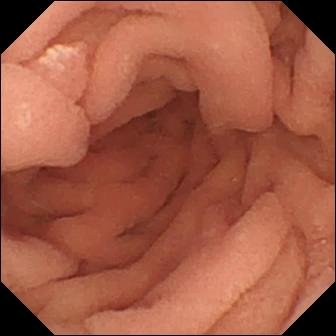Q: Where in the digestive tract was this video capsule endoscopy snapshot taken?
A: Pylorus region (where the capsule passes from the stomach into the small bowel).